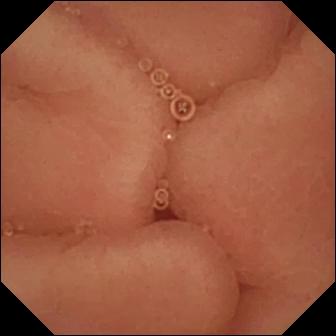VCE view. Taken in the pylorus region (the junction between the stomach and the small bowel).